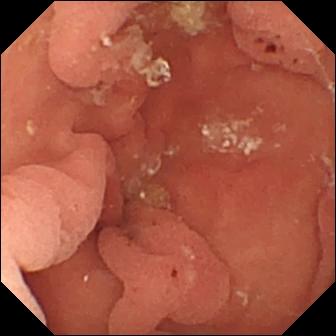Wireless capsule endoscopy — hematin (altered blood) on the mucosal surface.